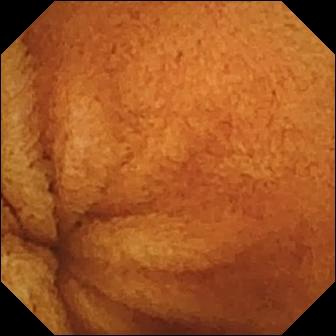- modality: wireless capsule endoscopy
- finding: normal clean mucosa